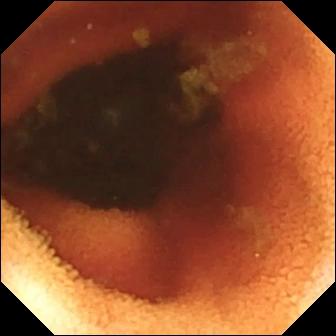Small-bowel capsule endoscopy frame
Label: ileo-cecal valve region (where the capsule passes from the small bowel into the large bowel)